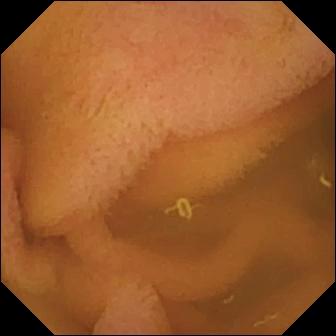{"modality": "VCE", "finding": "normal clean mucosa"}